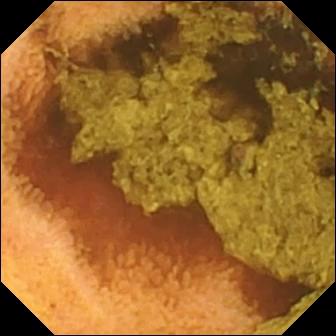Video capsule endoscopy still showing normal clean mucosa.